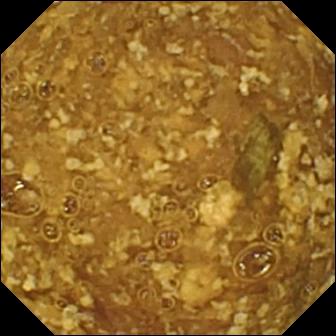Q: What does this video capsule endoscopy view show?
A: Reduced mucosal view (content or bubbles obscuring the mucosa).